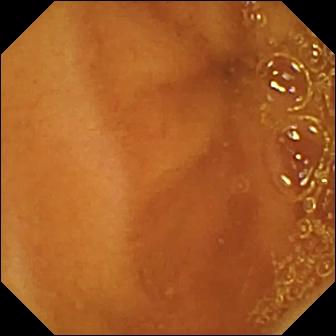Normal clean mucosa.